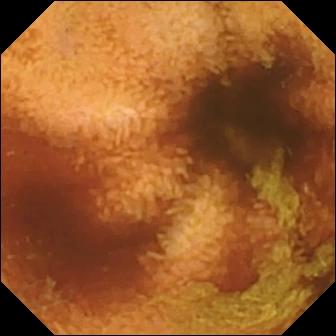Wireless capsule endoscopy still of the small intestine showing normal clean mucosa.